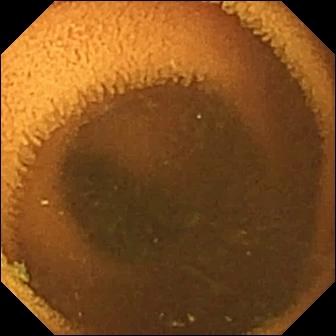VCE — normal clean mucosa.